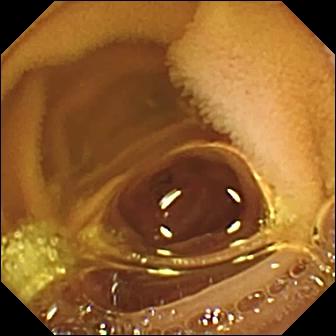{"modality": "WCE", "segment": "small intestine", "category": "luminal finding", "finding": "normal clean mucosa"}